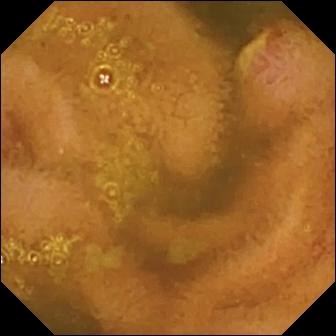Small-bowel capsule endoscopy frame
Label: ulcer